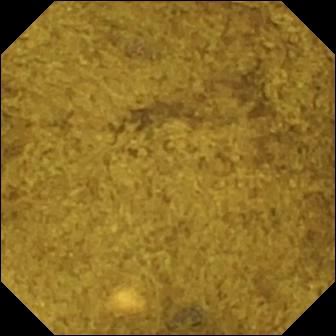WCE snapshot. Taken in the ileo-cecal valve region.